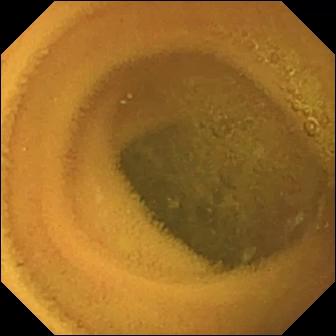VCE view, small intestine
Finding: normal clean mucosa